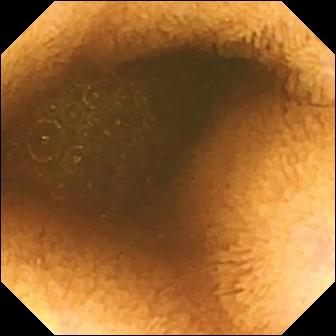modality: wireless capsule endoscopy; category: luminal finding; finding: reduced mucosal view (content or bubbles obscuring the mucosa)